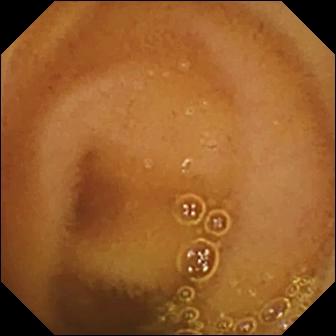- modality: WCE
- segment: small intestine
- observation: normal clean mucosa